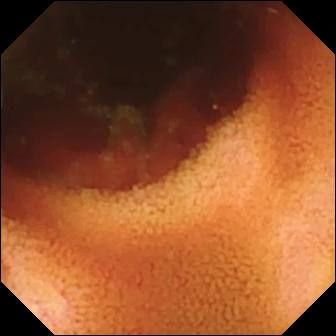Q: Where in the digestive tract was this VCE view taken?
A: Ileo-cecal valve region.